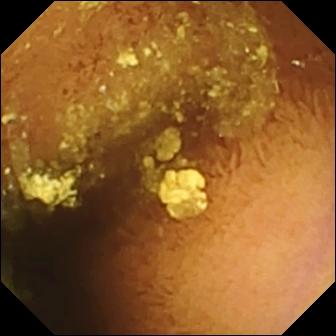- modality: video capsule endoscopy
- segment: small bowel
- impression: normal clean mucosa